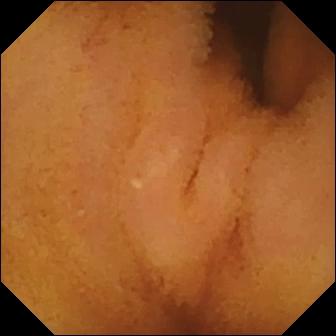Normal clean mucosa.